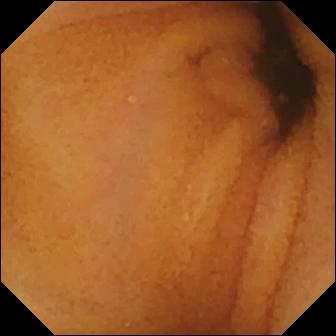Capsule endoscopy — normal clean mucosa.